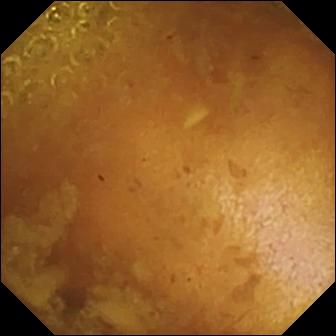Reduced mucosal view (content or bubbles obscuring the mucosa).